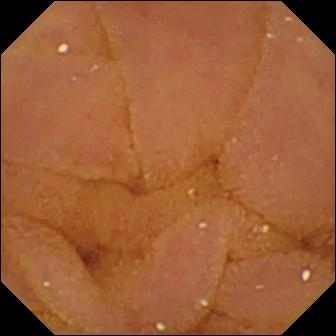Capsule endoscopy still, small intestine
Observation: normal clean mucosa